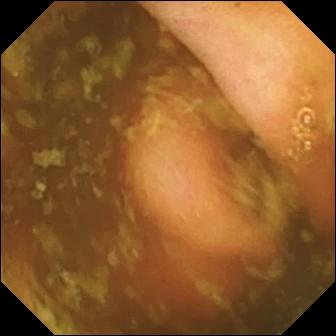Ileo-cecal valve region (where the capsule passes from the small bowel into the large bowel).